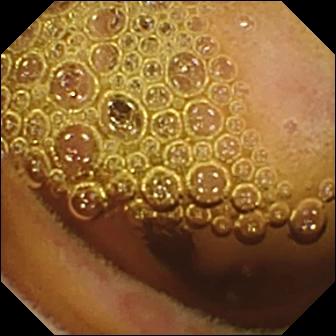Small-bowel capsule endoscopy snapshot showing erosion.